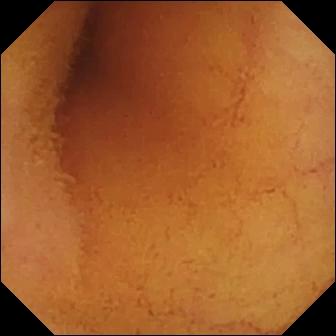WCE image showing normal clean mucosa.